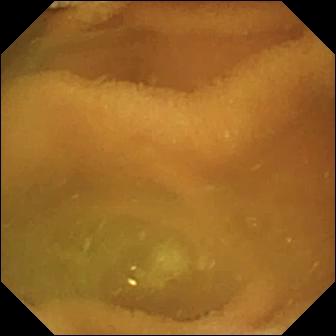- modality: VCE
- finding: normal clean mucosa